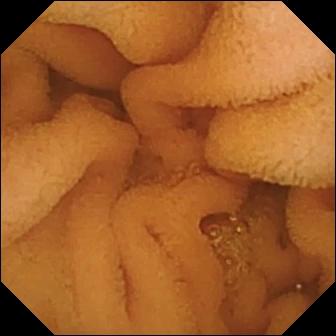This wireless capsule endoscopy frame of the small bowel shows normal clean mucosa.